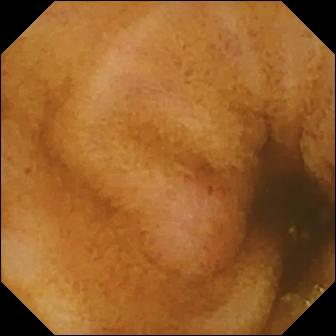WCE view
Label: erosion